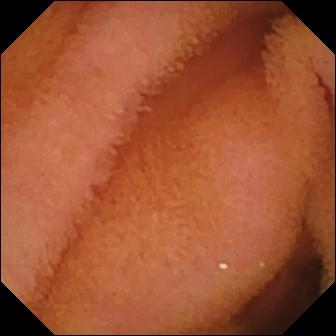{"modality": "wireless capsule endoscopy", "category": "luminal finding", "finding": "normal clean mucosa"}